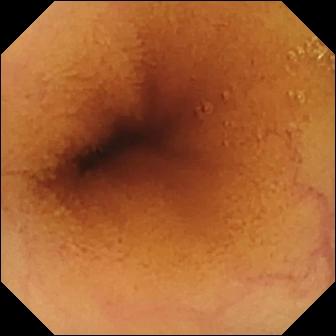Q: What does this VCE still of the small bowel show?
A: Normal clean mucosa.